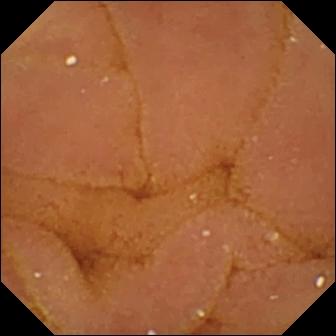Normal clean mucosa — small-bowel capsule endoscopy snapshot.